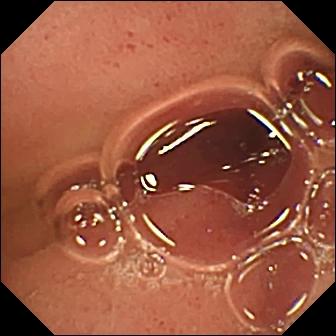WCE snapshot. Taken in the pylorus region (the junction between the stomach and the small bowel).